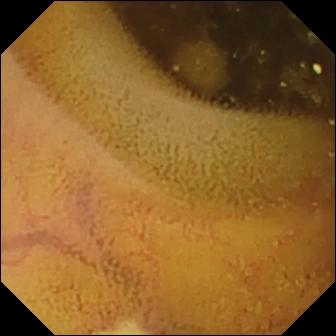Capsule endoscopy — lymphangiectasia.